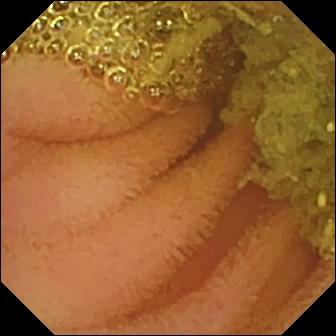This video capsule endoscopy still of the small intestine shows normal clean mucosa.